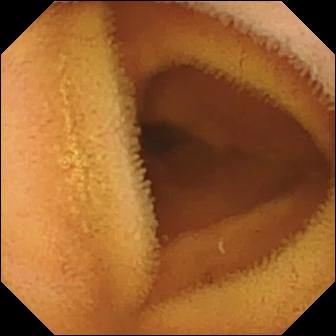Q: What does this video capsule endoscopy frame show?
A: Normal clean mucosa.